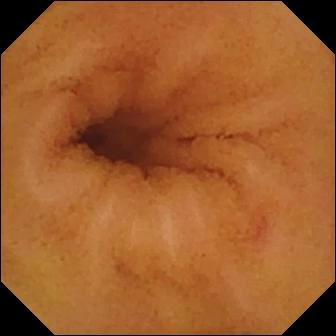{"modality": "WCE", "finding": "angiectasia"}